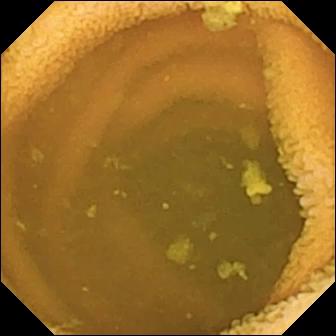Normal clean mucosa.